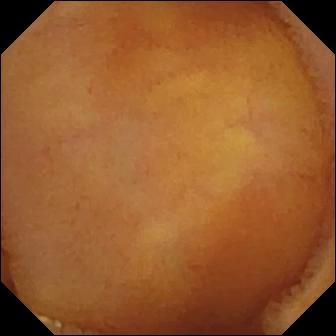WCE still
Label: normal clean mucosa